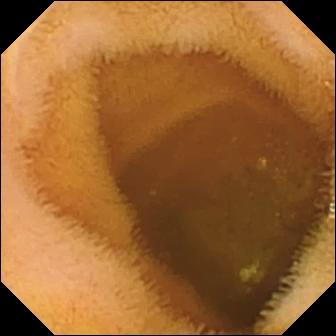PROCEDURE: Capsule endoscopy.
FINDINGS: Normal clean mucosa.